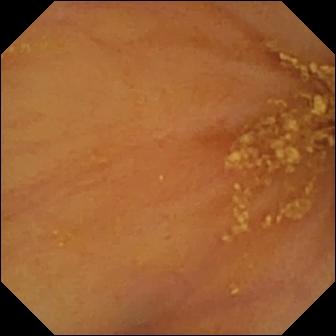modality: wireless capsule endoscopy | label: ileo-cecal valve region